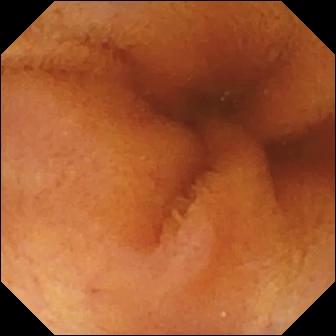PROCEDURE: VCE.
SEGMENT: Small bowel.
FINDINGS: Normal clean mucosa.